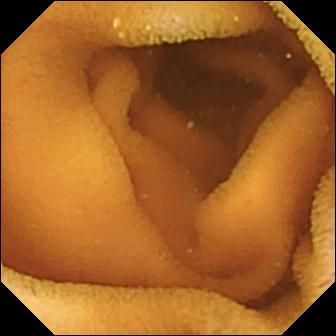{"modality": "video capsule endoscopy", "category": "luminal finding", "finding": "normal clean mucosa"}